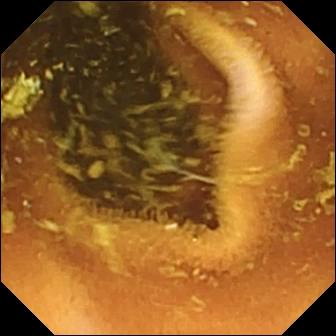modality: small-bowel capsule endoscopy
label: normal clean mucosa